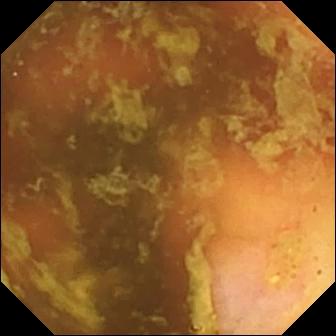Capsule endoscopy image
Position: ileo-cecal valve region (the transition from the small bowel to the large bowel)